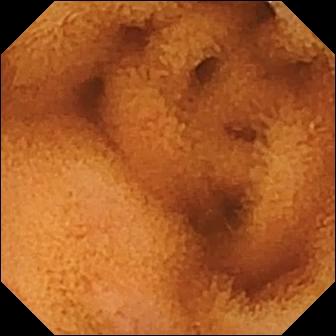Wireless capsule endoscopy. Observation: normal clean mucosa.